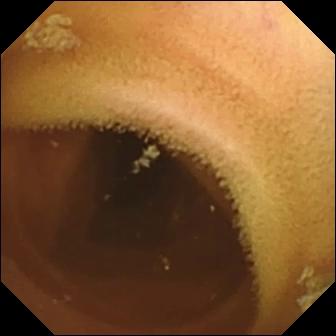VCE image, small intestine
Label: normal clean mucosa